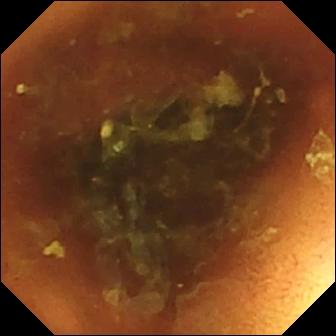This WCE snapshot shows normal clean mucosa.